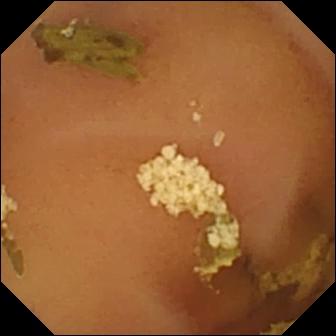- modality: capsule endoscopy
- category: luminal finding
- finding: normal clean mucosa